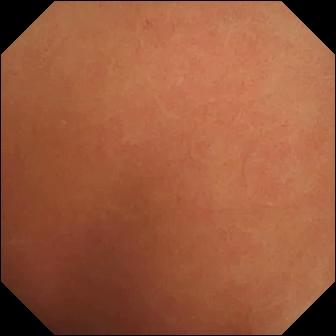- modality: VCE
- category: luminal finding
- observation: normal clean mucosa